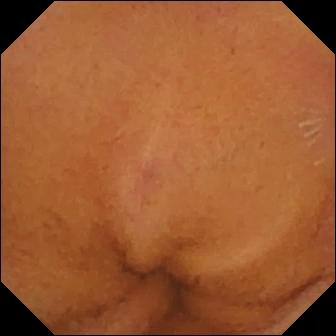modality: VCE | segment: small bowel | observation: normal clean mucosa